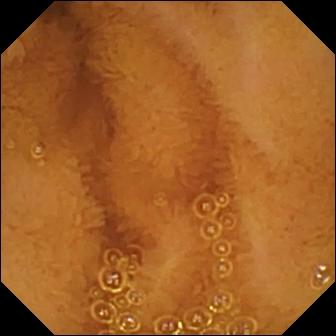Video capsule endoscopy. Label: normal clean mucosa.